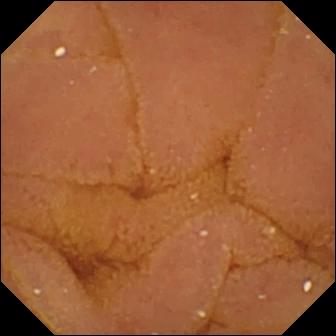WCE view, small intestine
Observation: normal clean mucosa